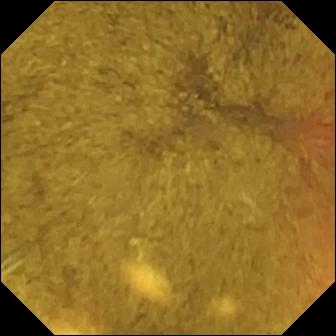Capsule endoscopy view. Taken in the ileo-cecal valve region (where the capsule passes from the small bowel into the large bowel).